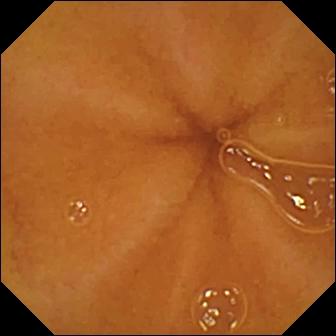- modality: small-bowel capsule endoscopy
- category: luminal finding
- label: normal clean mucosa